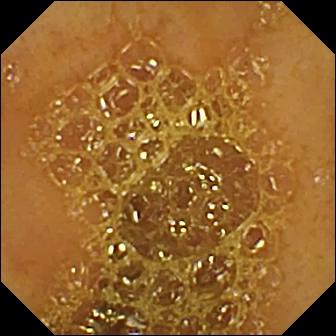VCE — ileo-cecal valve region.